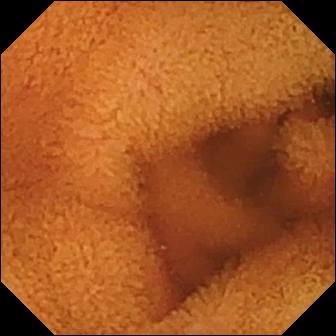modality: capsule endoscopy | segment: small intestine | category: luminal finding | label: normal clean mucosa